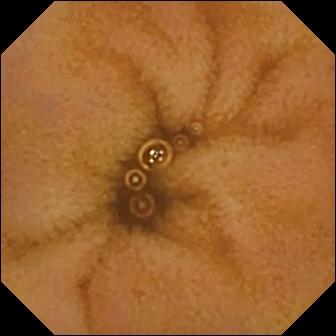Normal clean mucosa — WCE snapshot of the small bowel.